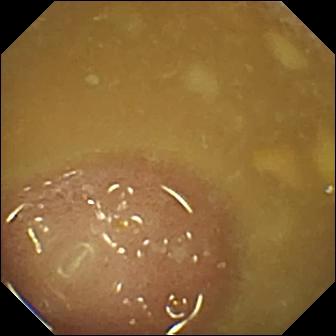This video capsule endoscopy view was taken in the ileo-cecal valve region.